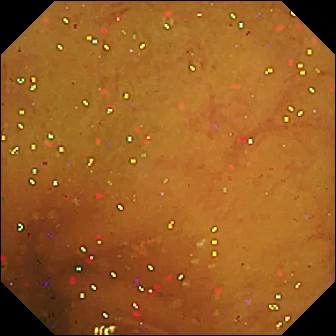Wireless capsule endoscopy view, small intestine
Observation: normal clean mucosa